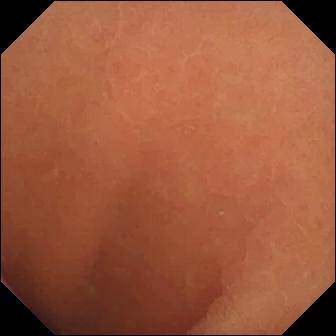This small-bowel capsule endoscopy still shows normal clean mucosa.